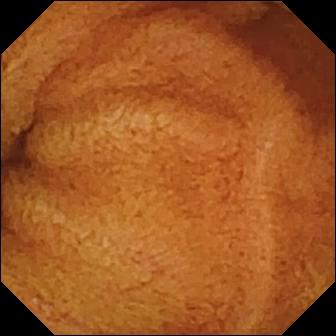PROCEDURE: Capsule endoscopy.
FINDINGS: Normal clean mucosa.